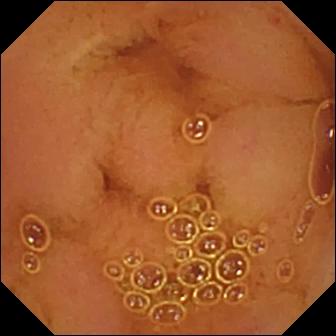modality: video capsule endoscopy; observation: normal clean mucosa